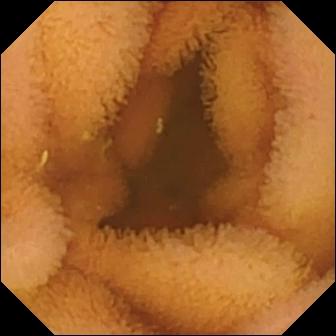Q: What does this VCE still show?
A: Normal clean mucosa.